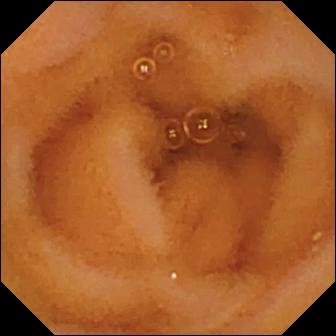Capsule endoscopy view of the small intestine showing normal clean mucosa.